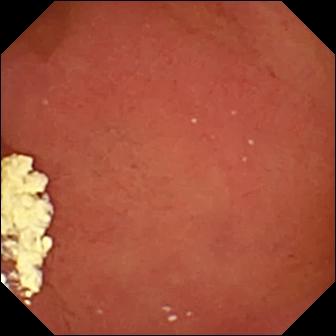Wireless capsule endoscopy still
Label: pylorus region (the junction between the stomach and the small bowel)